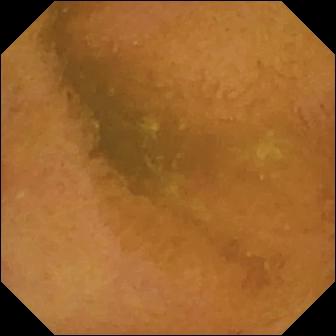Small-bowel capsule endoscopy still. Normal clean mucosa.